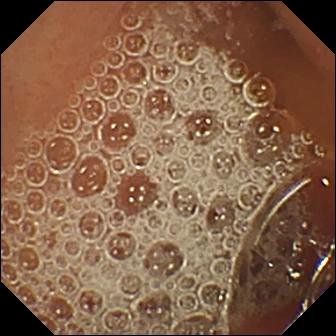modality: capsule endoscopy; observation: normal clean mucosa